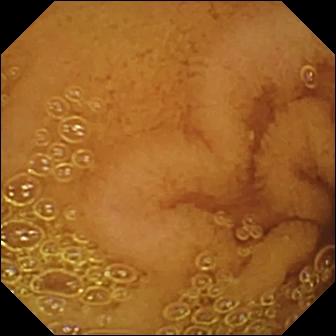modality: capsule endoscopy
category: luminal finding
impression: normal clean mucosa